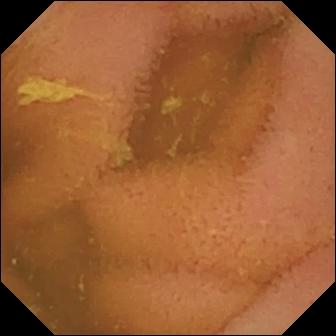- modality: wireless capsule endoscopy
- category: luminal finding
- impression: normal clean mucosa